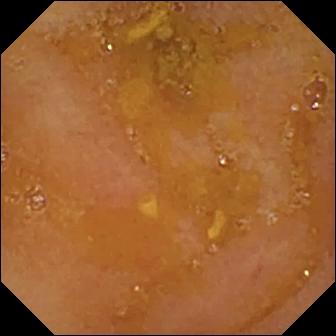VCE. Finding: reduced mucosal view (content or bubbles obscuring the mucosa).